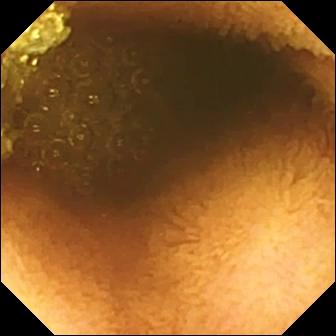modality: wireless capsule endoscopy
segment: small bowel
category: luminal finding
impression: reduced mucosal view (content or bubbles obscuring the mucosa)